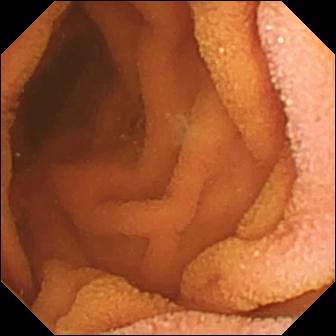Q: What does this video capsule endoscopy image of the small bowel show?
A: Normal clean mucosa.